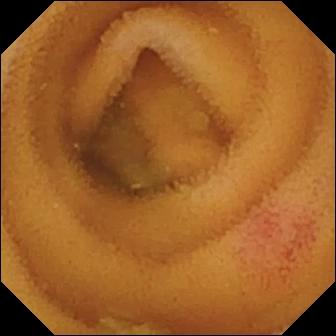modality: VCE; category: luminal finding; finding: angiectasia